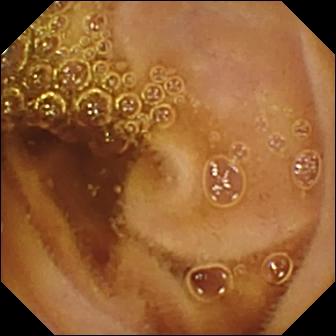Small-bowel capsule endoscopy — normal clean mucosa.